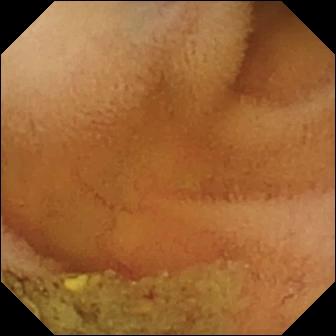Small-bowel capsule endoscopy image (small bowel), 336×336. Normal clean mucosa.